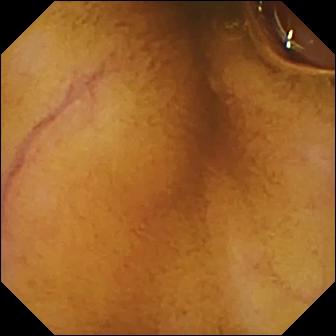Normal clean mucosa — VCE frame.